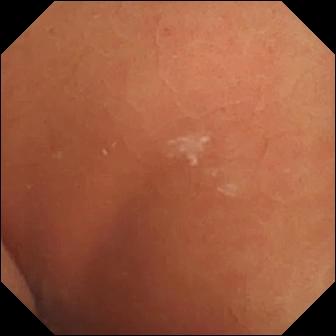WCE still showing normal clean mucosa.